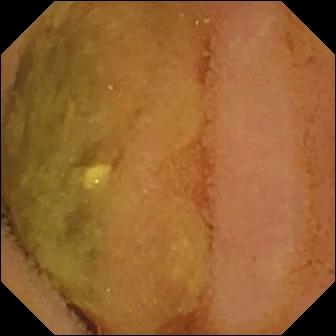WCE view. Normal clean mucosa.